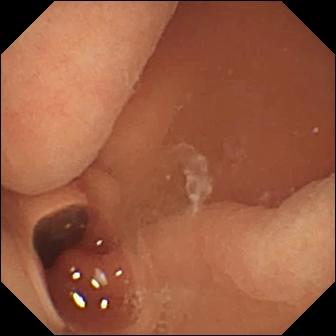This capsule endoscopy frame shows normal clean mucosa.